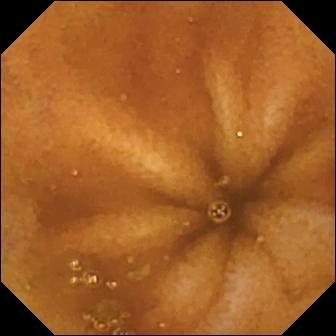Small-bowel capsule endoscopy snapshot showing normal clean mucosa.